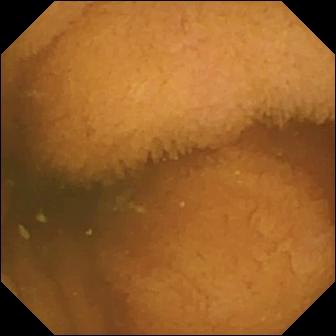Normal clean mucosa (336×336).